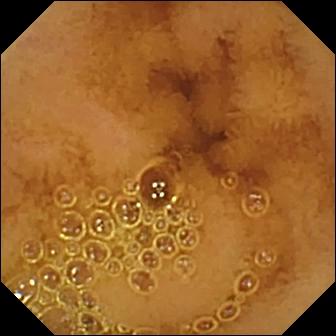Wireless capsule endoscopy image. Normal clean mucosa.